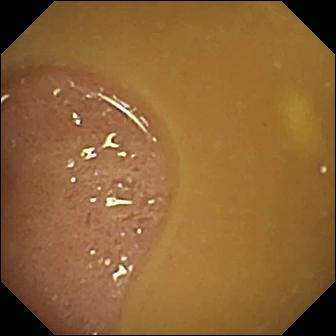Ileo-cecal valve region — wireless capsule endoscopy still.